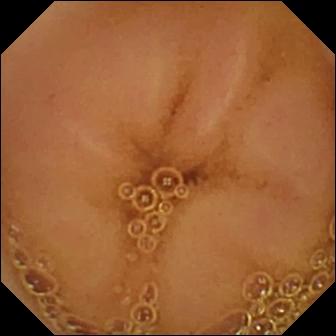This video capsule endoscopy snapshot shows normal clean mucosa.